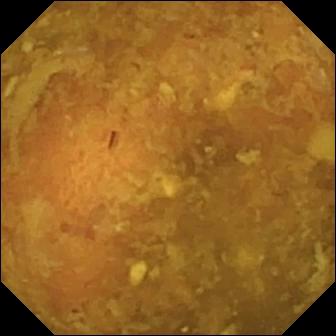Reduced mucosal view (content or bubbles obscuring the mucosa).